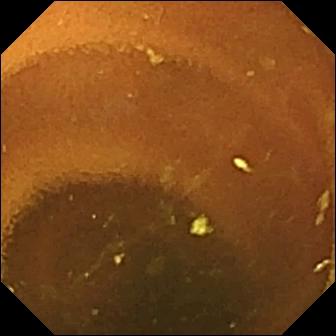PROCEDURE: Small-bowel capsule endoscopy.
SEGMENT: Small bowel.
FINDINGS: Normal clean mucosa.